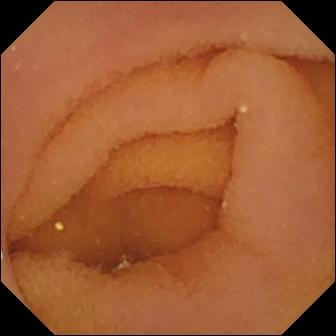Wireless capsule endoscopy — pylorus region.